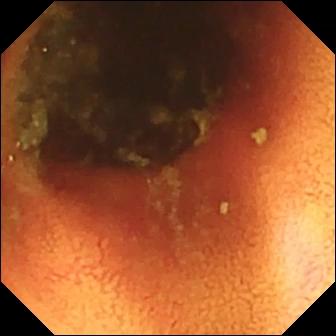{"modality": "video capsule endoscopy", "position": "ileo-cecal valve region"}